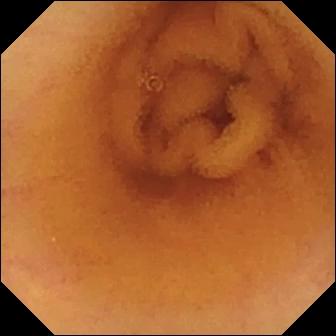Small-bowel capsule endoscopy. Small intestine. Observation: normal clean mucosa.